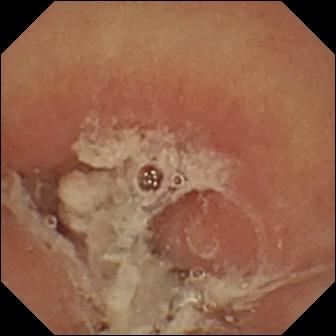VCE. Video segment: pylorus region (the junction between the stomach and the small bowel).